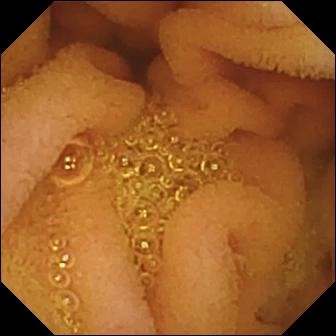modality: video capsule endoscopy; segment: small bowel; category: luminal finding; finding: normal clean mucosa